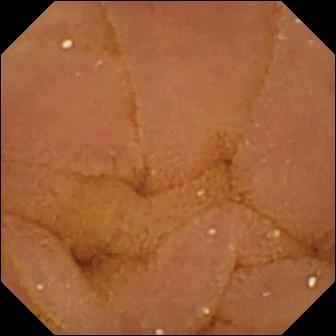Normal clean mucosa — video capsule endoscopy still of the small bowel.